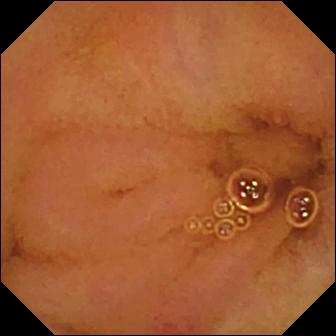VCE view
Impression: normal clean mucosa